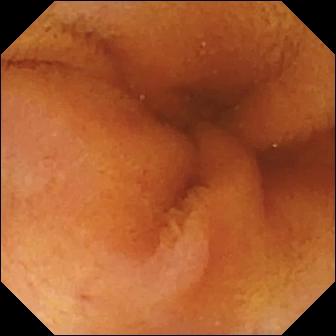This wireless capsule endoscopy still of the small intestine shows normal clean mucosa.